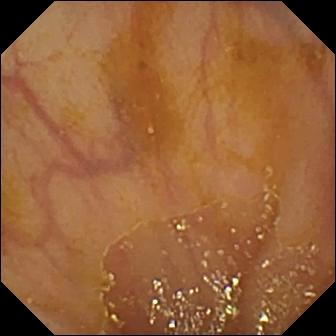modality: VCE; location: ileo-cecal valve region (the transition from the small bowel to the large bowel)